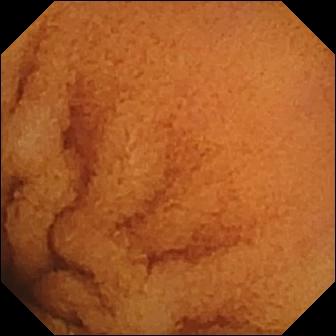Wireless capsule endoscopy. Small intestine. Label: normal clean mucosa.